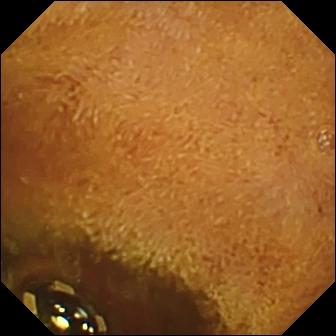modality: small-bowel capsule endoscopy | impression: foreign body (e.g. retained capsule, tablet residue)